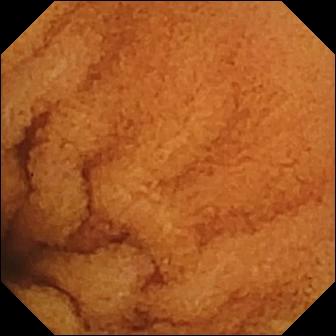Q: What does this WCE view show?
A: Normal clean mucosa.